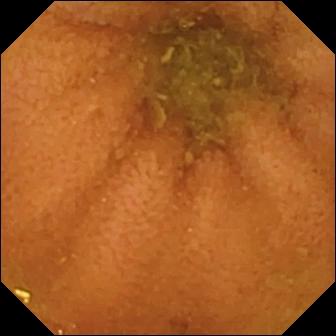PROCEDURE: Video capsule endoscopy.
FINDINGS: Normal clean mucosa.